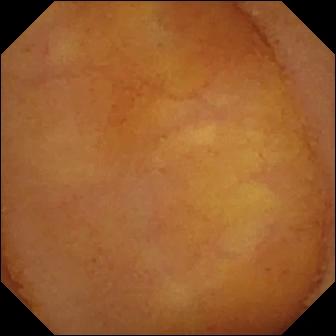Normal clean mucosa (336×336).